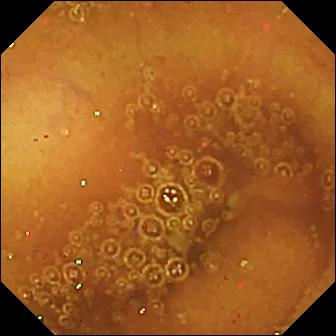Q: What does this small-bowel capsule endoscopy frame of the small intestine show?
A: Normal clean mucosa.